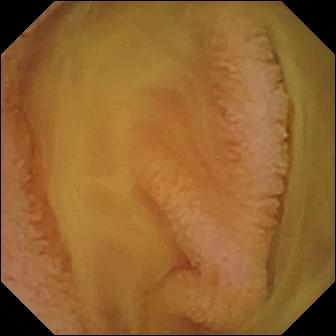Q: What does this capsule endoscopy image show?
A: Normal clean mucosa.